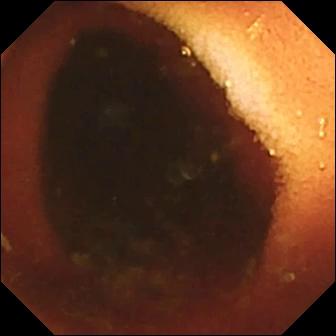Video capsule endoscopy — ileo-cecal valve region.